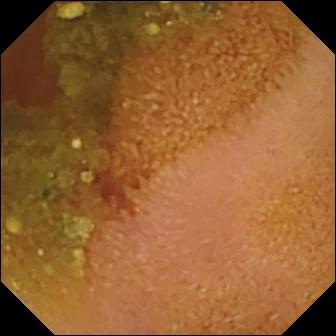{"modality": "video capsule endoscopy", "finding": "erosion"}